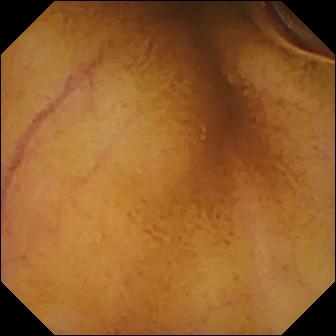modality: video capsule endoscopy
category: luminal finding
label: normal clean mucosa